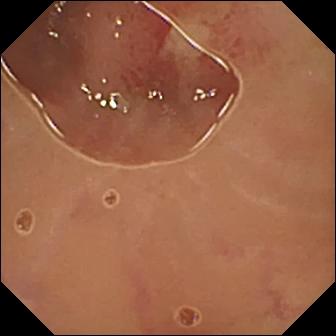- modality: video capsule endoscopy
- observation: ulcer